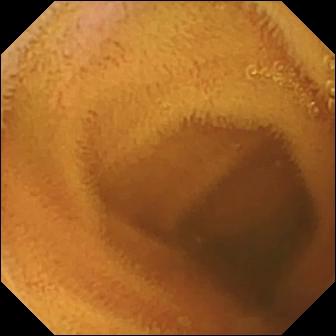Small-bowel capsule endoscopy view of the small bowel showing normal clean mucosa.